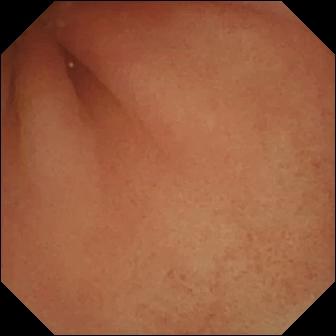Wireless capsule endoscopy frame. Taken in the pylorus region (where the capsule passes from the stomach into the small bowel).